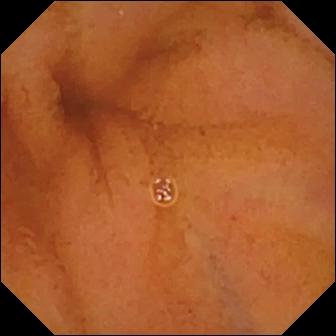{"modality": "capsule endoscopy", "segment": "small bowel", "category": "luminal finding", "finding": "normal clean mucosa"}